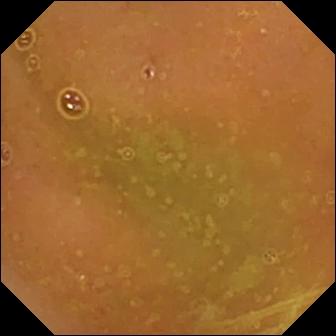WCE — normal clean mucosa.